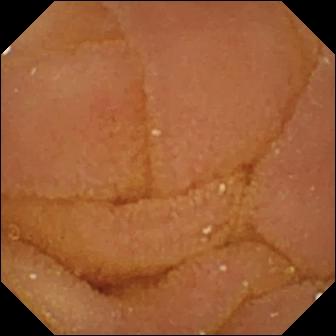Wireless capsule endoscopy. Small bowel. Finding: normal clean mucosa.